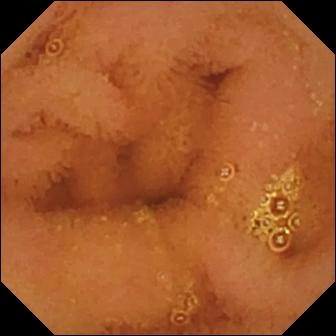{"modality": "VCE", "segment": "small intestine", "finding": "normal clean mucosa"}